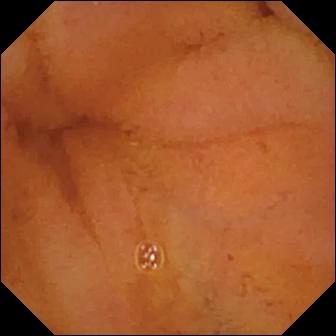PROCEDURE: Video capsule endoscopy.
SEGMENT: Small bowel.
FINDINGS: Normal clean mucosa.